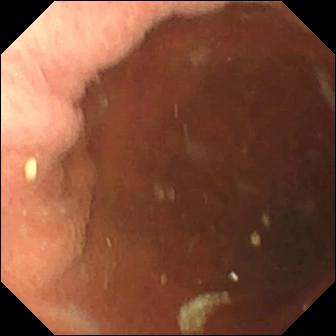PROCEDURE: WCE.
LABEL: Pylorus region.